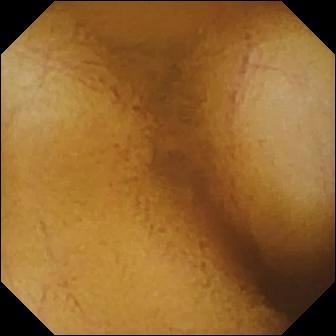Normal clean mucosa — capsule endoscopy view of the small intestine.